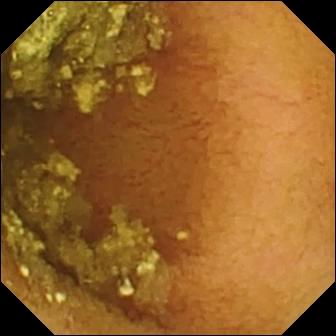Normal clean mucosa — capsule endoscopy view of the small bowel.